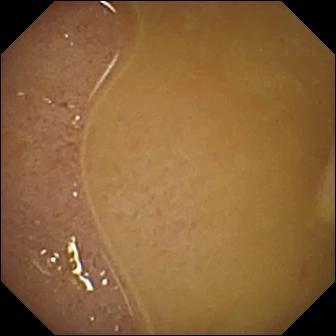VCE still taken in the ileo-cecal valve region (the transition from the small bowel to the large bowel).